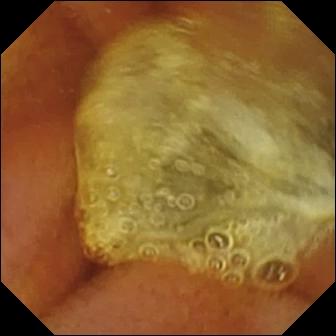Normal clean mucosa — wireless capsule endoscopy still of the small intestine.